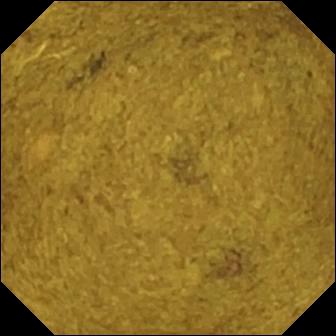WCE. Position: ileo-cecal valve region (where the capsule passes from the small bowel into the large bowel).